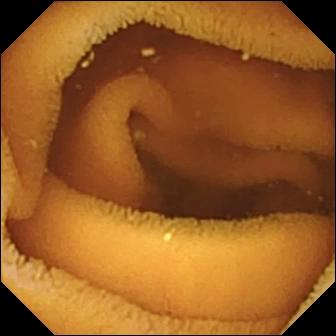PROCEDURE: VCE.
SEGMENT: Small bowel.
FINDINGS: Normal clean mucosa.